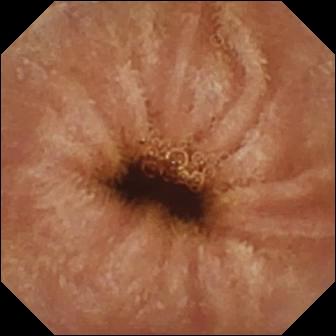- modality: video capsule endoscopy
- segment: small bowel
- impression: normal clean mucosa